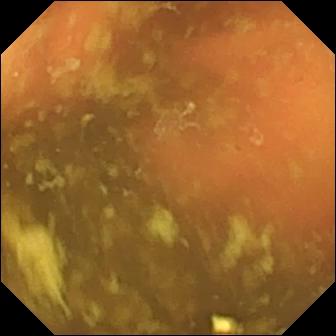Capsule endoscopy view taken in the ileo-cecal valve region.